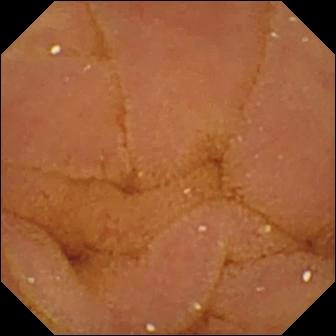Normal clean mucosa.